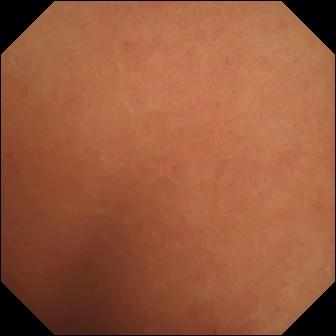modality: wireless capsule endoscopy
finding: normal clean mucosa